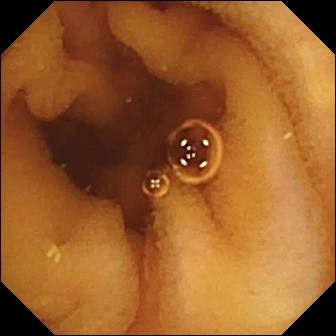Normal clean mucosa.